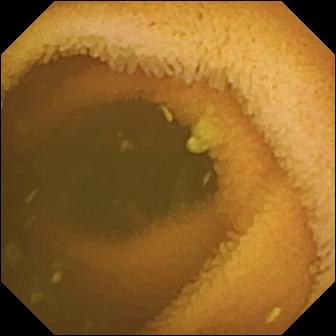Normal clean mucosa.